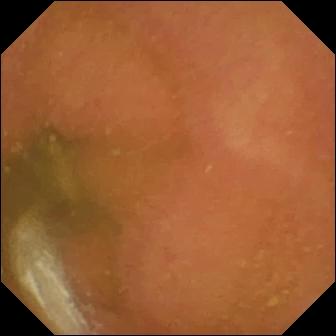Normal clean mucosa — WCE view.